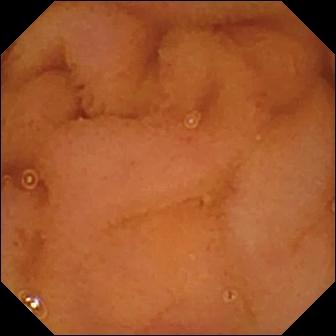Normal clean mucosa — capsule endoscopy snapshot of the small intestine.